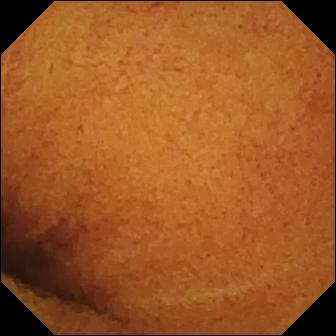PROCEDURE: VCE.
FINDINGS: Normal clean mucosa.